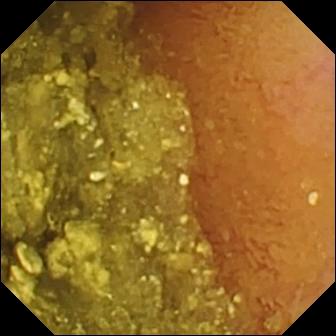PROCEDURE: Wireless capsule endoscopy.
SEGMENT: Small intestine.
FINDINGS: Normal clean mucosa.